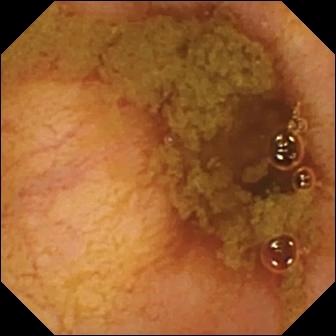Ileo-cecal valve region (where the capsule passes from the small bowel into the large bowel) — capsule endoscopy still.